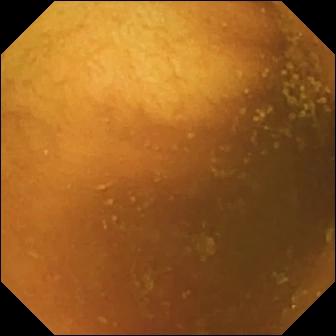Normal clean mucosa.